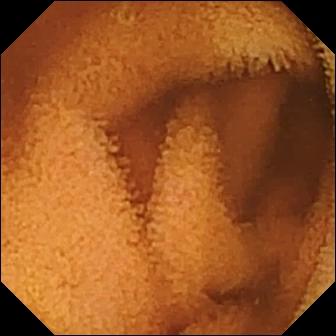- modality: WCE
- segment: small bowel
- observation: normal clean mucosa